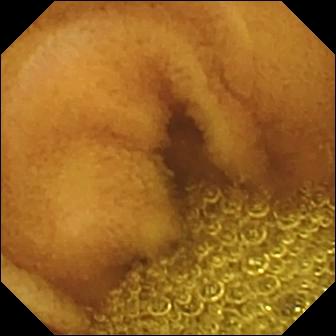modality: capsule endoscopy; category: luminal finding; label: normal clean mucosa